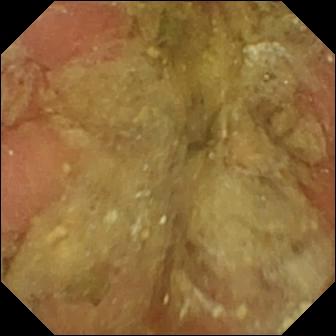This wireless capsule endoscopy image was taken in the pylorus region (the junction between the stomach and the small bowel).